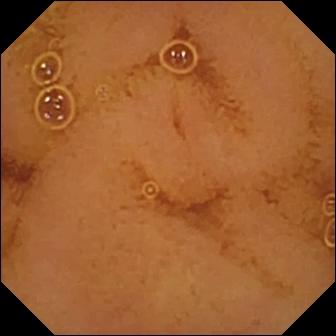Q: What does this wireless capsule endoscopy image show?
A: Normal clean mucosa.